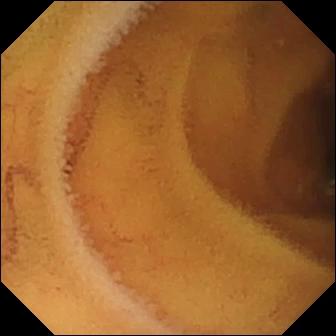This small-bowel capsule endoscopy snapshot of the small bowel shows normal clean mucosa.